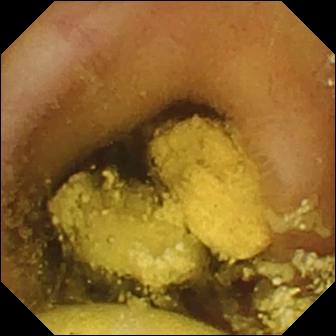WCE view. Foreign body (e.g. retained capsule, tablet residue).